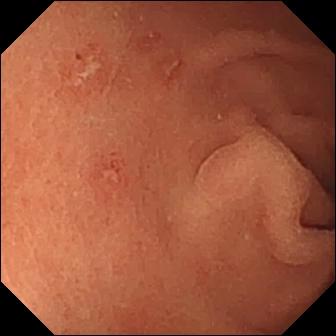- modality: capsule endoscopy
- impression: erosion